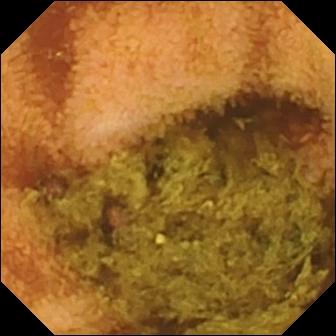modality: wireless capsule endoscopy
segment: small bowel
finding: normal clean mucosa